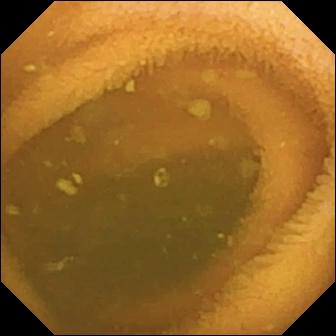Normal clean mucosa.